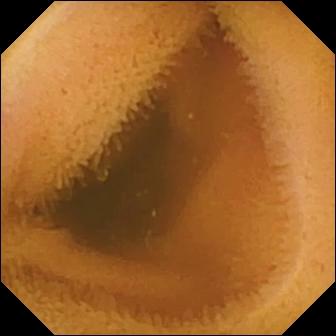modality: VCE; segment: small intestine; impression: normal clean mucosa